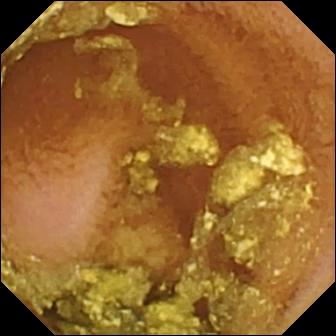Small-bowel capsule endoscopy — normal clean mucosa.